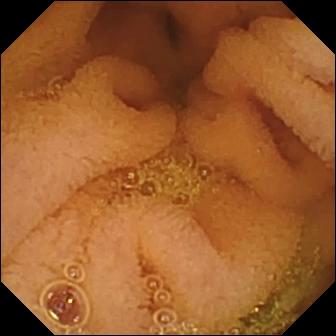modality: small-bowel capsule endoscopy
segment: small intestine
observation: normal clean mucosa